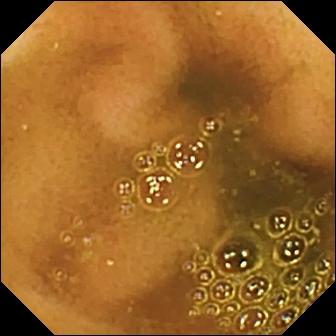- modality: capsule endoscopy
- location: ileo-cecal valve region